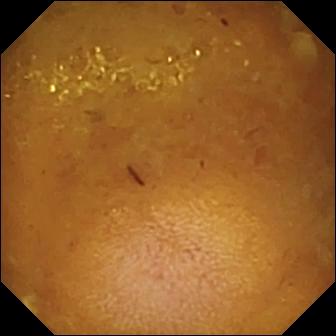{"modality": "capsule endoscopy", "category": "luminal finding", "finding": "reduced mucosal view (content or bubbles obscuring the mucosa)"}